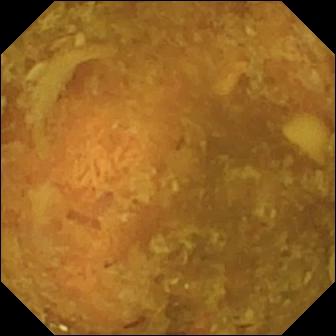Wireless capsule endoscopy view (small intestine). Reduced mucosal view (content or bubbles obscuring the mucosa).